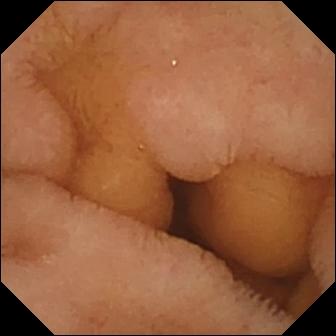Video capsule endoscopy — normal clean mucosa.